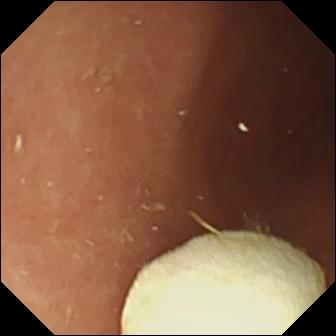- modality: capsule endoscopy
- finding: foreign body (e.g. retained capsule, tablet residue)